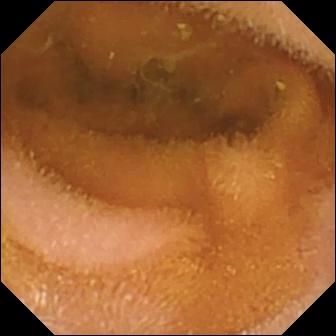Wireless capsule endoscopy still
Label: normal clean mucosa